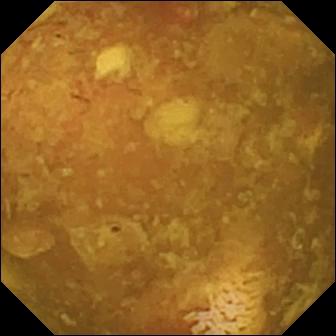VCE snapshot showing reduced mucosal view (content or bubbles obscuring the mucosa).